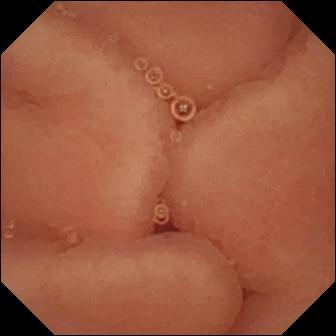Wireless capsule endoscopy view
Video segment: pylorus region (the junction between the stomach and the small bowel)